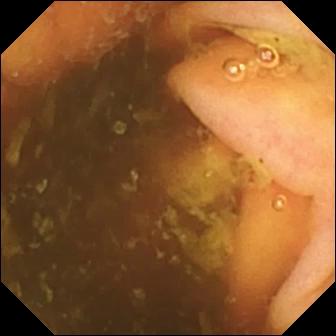Q: Where in the digestive tract was this small-bowel capsule endoscopy frame taken?
A: Ileo-cecal valve region.